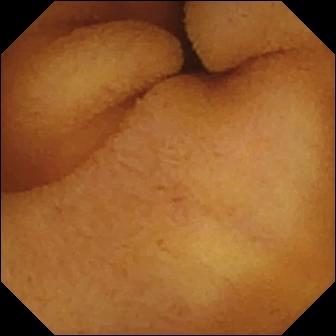Q: What does this video capsule endoscopy view of the small bowel show?
A: Normal clean mucosa.